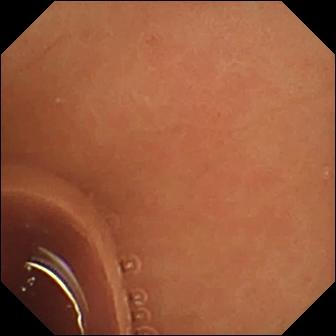modality: video capsule endoscopy
label: normal clean mucosa